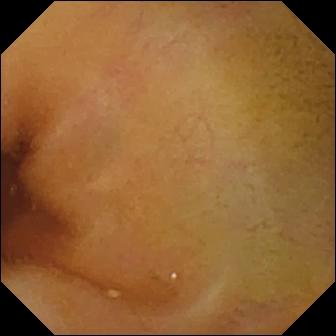- modality: wireless capsule endoscopy
- segment: small intestine
- observation: normal clean mucosa